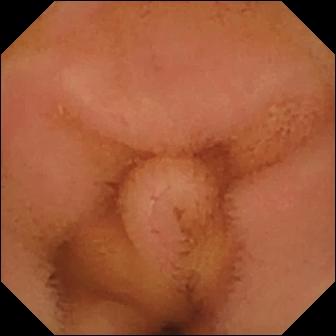{"modality": "VCE", "segment": "small intestine", "category": "luminal finding", "finding": "normal clean mucosa"}